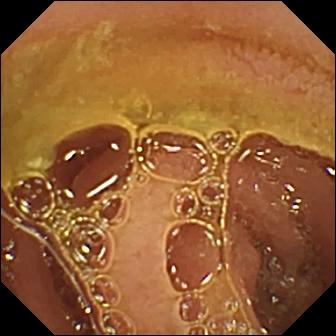Wireless capsule endoscopy image
Observation: normal clean mucosa